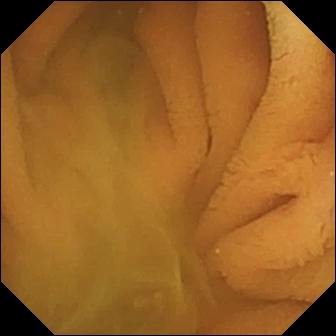Normal clean mucosa — VCE still.